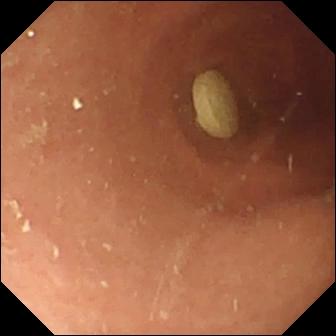This wireless capsule endoscopy image shows foreign body (e.g. retained capsule, tablet residue).